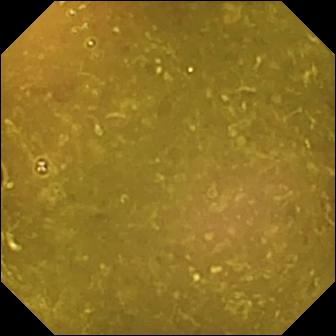Reduced mucosal view (content or bubbles obscuring the mucosa) (336×336).